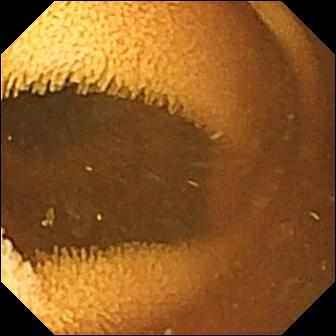{"modality": "VCE", "category": "luminal finding", "finding": "normal clean mucosa"}